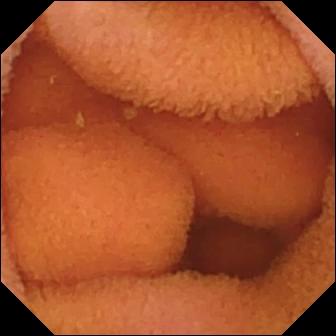This small-bowel capsule endoscopy view shows normal clean mucosa.